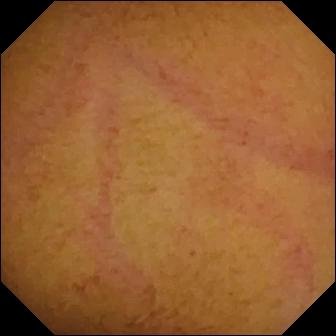Normal clean mucosa — capsule endoscopy frame of the small intestine.